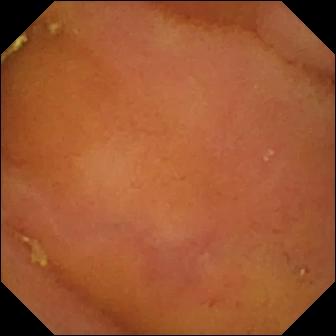- modality: WCE
- label: normal clean mucosa